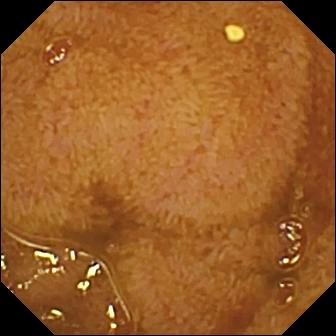Ileo-cecal valve region (where the capsule passes from the small bowel into the large bowel) — VCE view.